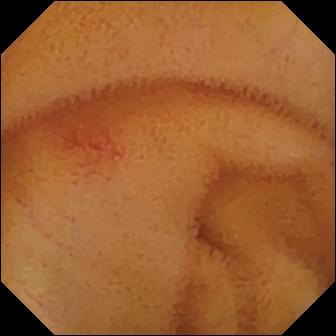Capsule endoscopy image showing angiectasia.